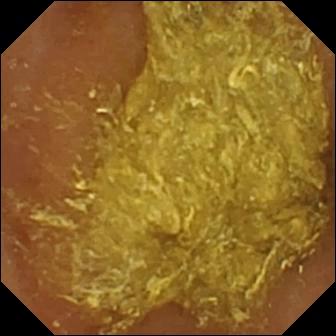Wireless capsule endoscopy — reduced mucosal view (content or bubbles obscuring the mucosa).